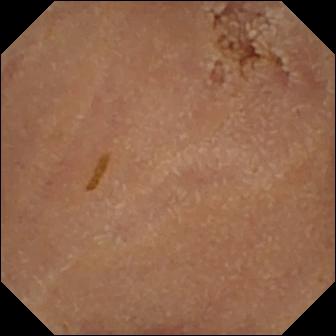Q: What does this small-bowel capsule endoscopy view of the small bowel show?
A: Normal clean mucosa.